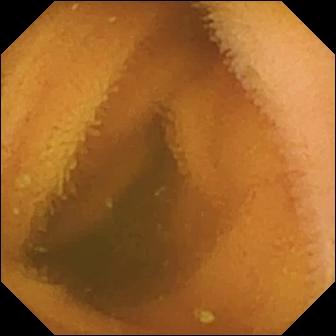modality: small-bowel capsule endoscopy; segment: small bowel; label: normal clean mucosa